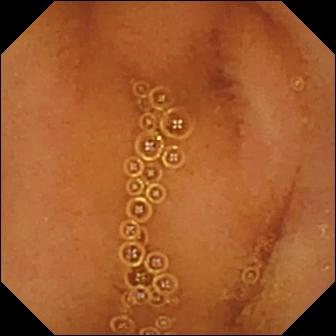Q: What does this WCE snapshot show?
A: Normal clean mucosa.